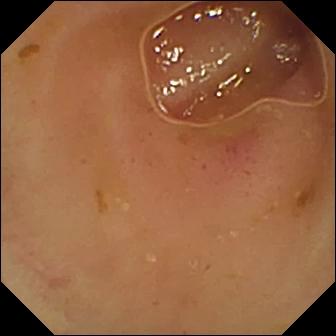WCE snapshot showing erythema (mucosal redness).